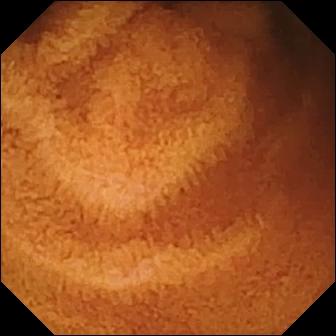Capsule endoscopy view
Impression: normal clean mucosa